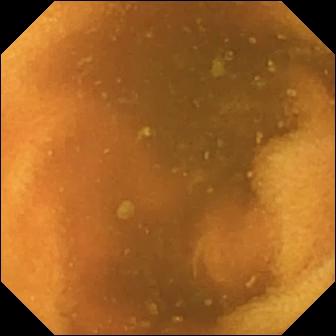Q: What does this small-bowel capsule endoscopy view show?
A: Normal clean mucosa.